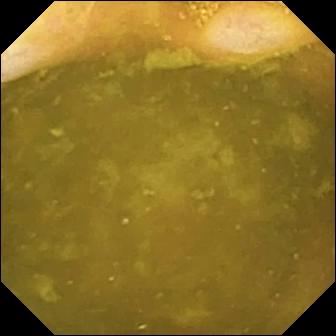Wireless capsule endoscopy. Near an anatomical landmark. Label: ileo-cecal valve region (the transition from the small bowel to the large bowel).